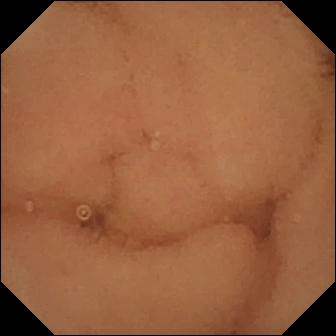Wireless capsule endoscopy frame
Finding: normal clean mucosa